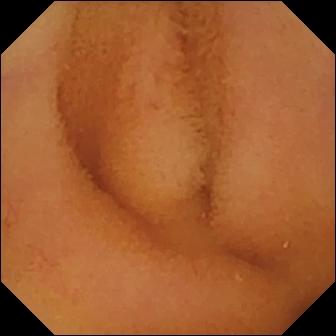- modality: VCE
- segment: small bowel
- category: luminal finding
- label: normal clean mucosa